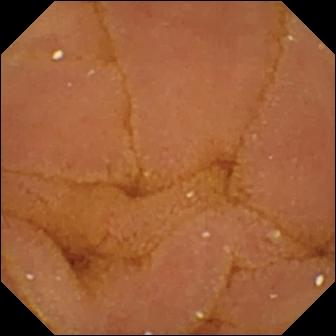PROCEDURE: Wireless capsule endoscopy.
SEGMENT: Small bowel.
FINDINGS: Normal clean mucosa.